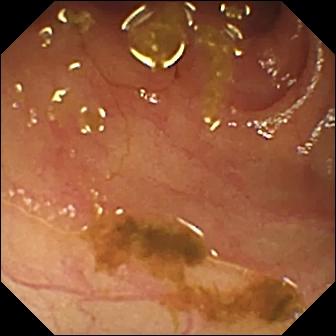VCE. Label: ileo-cecal valve region (the transition from the small bowel to the large bowel).